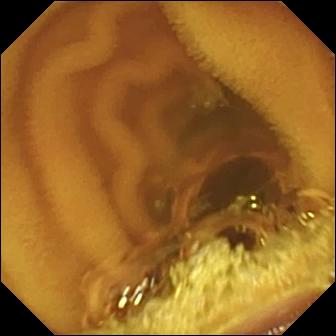Small-bowel capsule endoscopy frame showing normal clean mucosa.